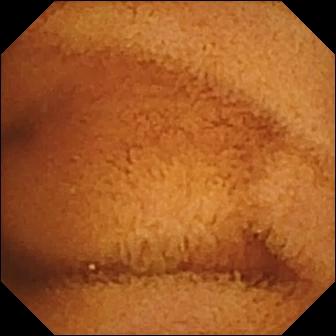Normal clean mucosa.